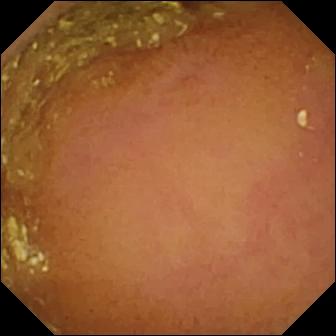modality: capsule endoscopy; impression: normal clean mucosa